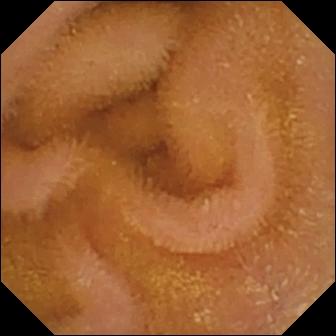Small-bowel capsule endoscopy — normal clean mucosa.